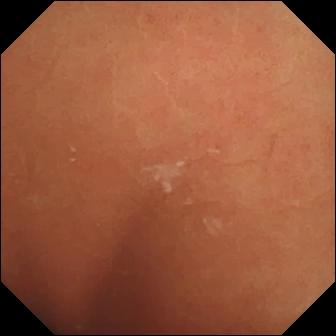Q: What does this VCE view show?
A: Normal clean mucosa.